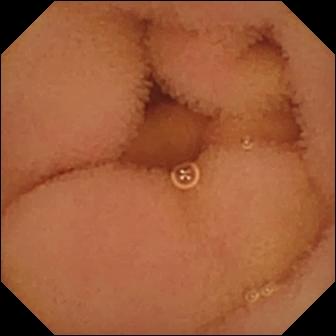PROCEDURE: Video capsule endoscopy.
SEGMENT: Small intestine.
FINDINGS: Normal clean mucosa.